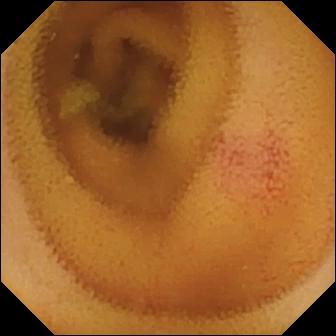Small-bowel capsule endoscopy image
Impression: angiectasia